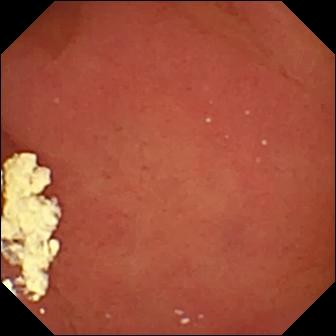WCE — pylorus region (where the capsule passes from the stomach into the small bowel).